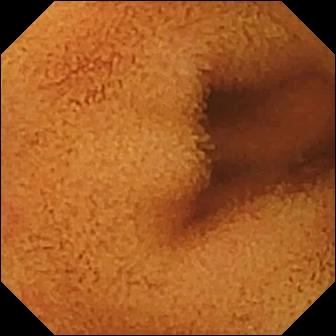Normal clean mucosa — wireless capsule endoscopy image of the small bowel.